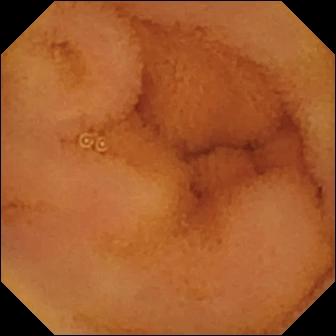PROCEDURE: Small-bowel capsule endoscopy.
SEGMENT: Small bowel.
FINDINGS: Normal clean mucosa.